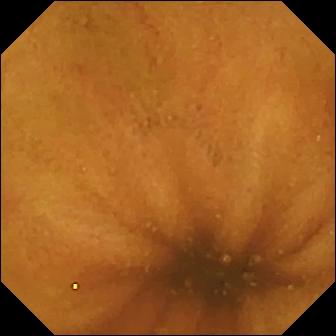Q: What does this small-bowel capsule endoscopy still of the small intestine show?
A: Normal clean mucosa.